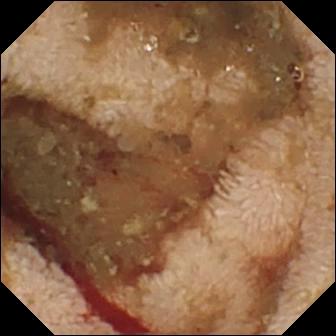Wireless capsule endoscopy image
Label: fresh blood in the lumen